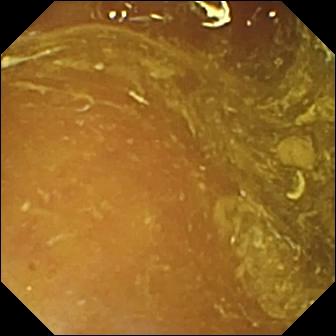WCE. Location: ileo-cecal valve region.